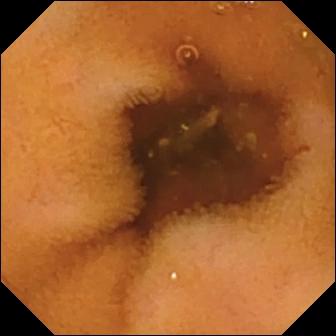PROCEDURE: Video capsule endoscopy.
FINDINGS: Normal clean mucosa.